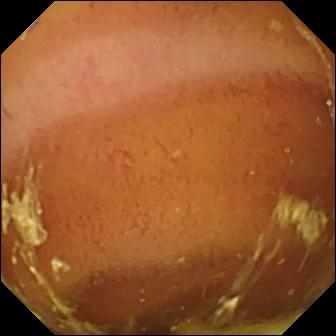Normal clean mucosa — video capsule endoscopy snapshot.